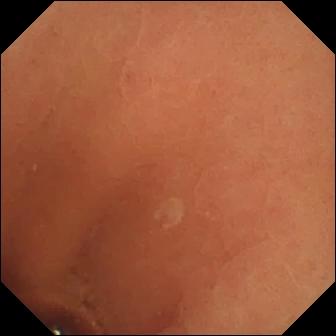Small-bowel capsule endoscopy view
Label: normal clean mucosa